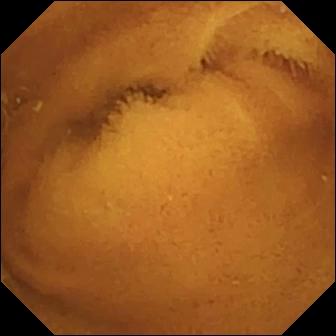Q: What does this WCE frame show?
A: Normal clean mucosa.